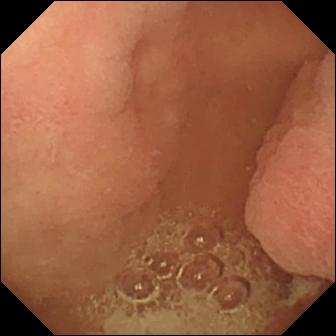Wireless capsule endoscopy frame. Taken in the pylorus region (where the capsule passes from the stomach into the small bowel).